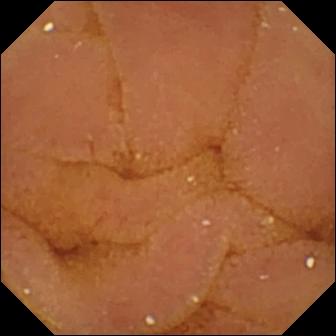modality: capsule endoscopy | impression: normal clean mucosa